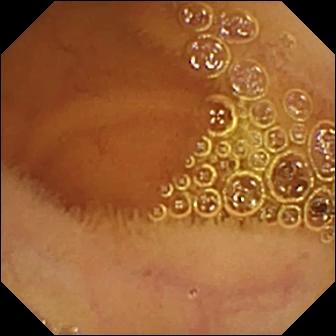VCE — normal clean mucosa.